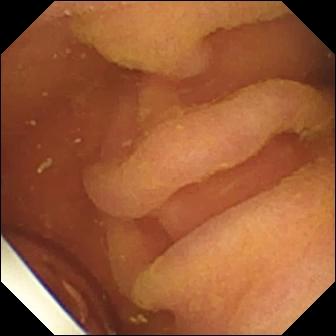This small-bowel capsule endoscopy image shows foreign body (e.g. retained capsule, tablet residue).